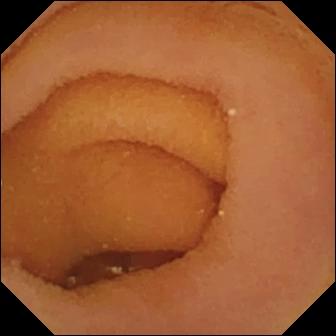Capsule endoscopy still
Video segment: pylorus region (where the capsule passes from the stomach into the small bowel)